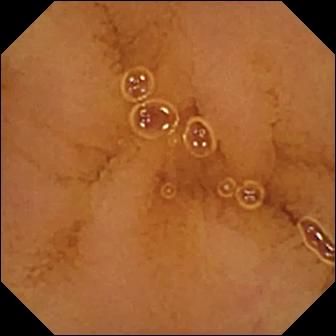This small-bowel capsule endoscopy snapshot of the small bowel shows normal clean mucosa.